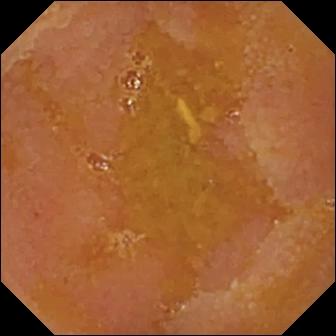VCE view. Reduced mucosal view (content or bubbles obscuring the mucosa).